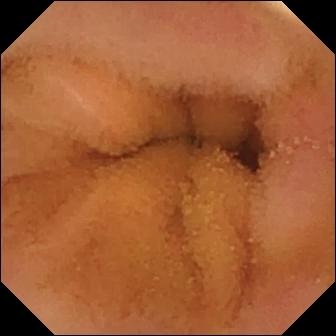This WCE view of the small bowel shows normal clean mucosa.